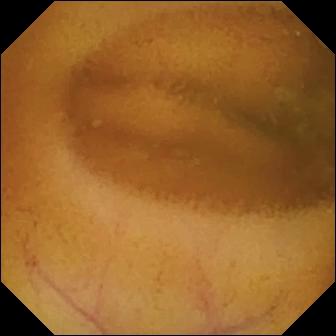Q: What does this VCE view show?
A: Normal clean mucosa.